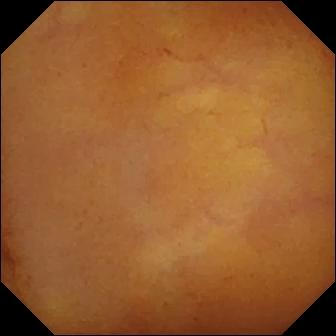PROCEDURE: Capsule endoscopy.
FINDINGS: Normal clean mucosa.